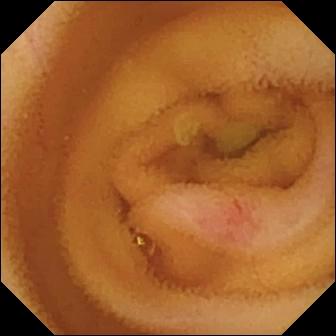{"modality": "VCE", "finding": "angiectasia"}